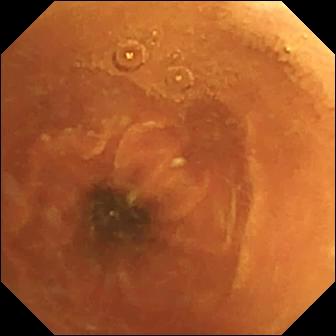PROCEDURE: Capsule endoscopy.
SEGMENT: Small intestine.
FINDINGS: Normal clean mucosa.